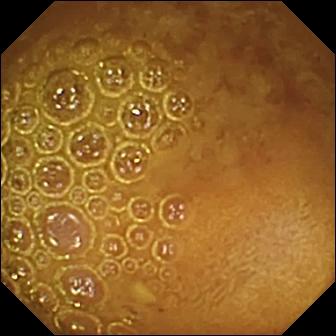This WCE view of the small intestine shows reduced mucosal view (content or bubbles obscuring the mucosa).